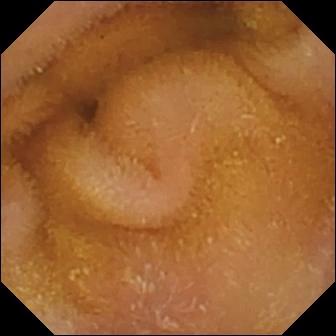This wireless capsule endoscopy snapshot of the small bowel shows normal clean mucosa.